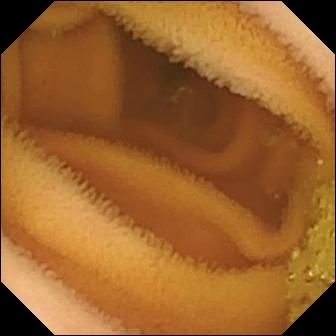WCE. Luminal finding. Impression: normal clean mucosa.